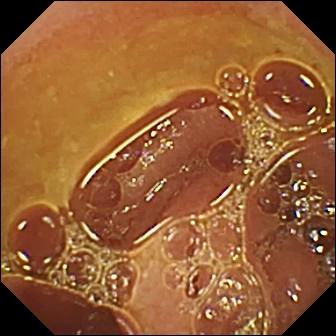This wireless capsule endoscopy still shows normal clean mucosa.